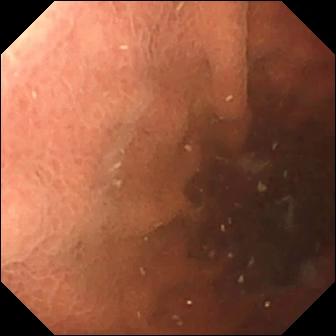Small-bowel capsule endoscopy still. Taken in the pylorus region.